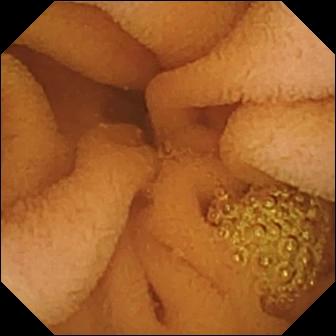modality: small-bowel capsule endoscopy
segment: small intestine
finding: normal clean mucosa